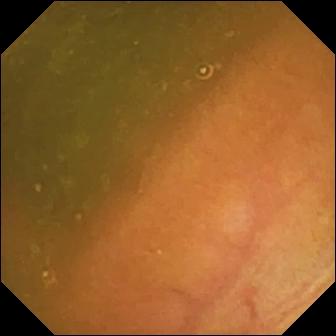Ileo-cecal valve region (where the capsule passes from the small bowel into the large bowel).